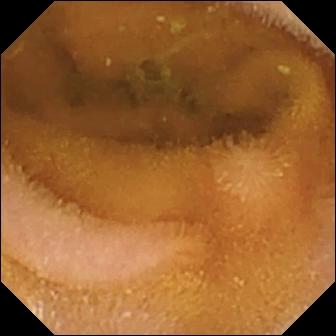Q: What does this wireless capsule endoscopy view of the small bowel show?
A: Normal clean mucosa.